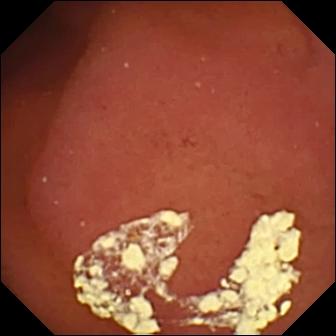Wireless capsule endoscopy snapshot taken in the pylorus region (the junction between the stomach and the small bowel).